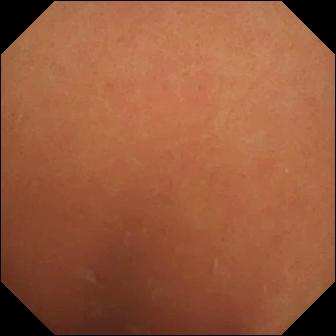Normal clean mucosa.